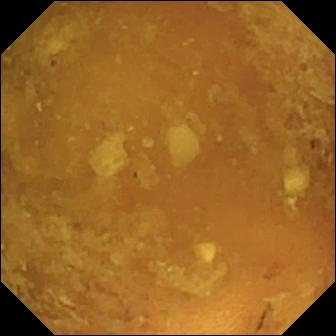Video capsule endoscopy view
Finding: reduced mucosal view (content or bubbles obscuring the mucosa)